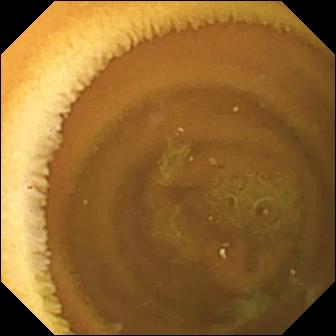PROCEDURE: Small-bowel capsule endoscopy.
SEGMENT: Small intestine.
FINDINGS: Normal clean mucosa.